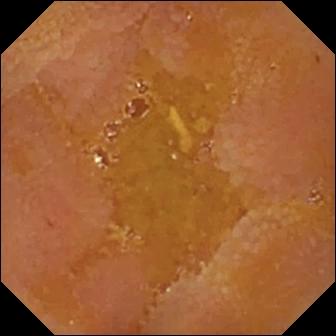modality: capsule endoscopy; finding: reduced mucosal view (content or bubbles obscuring the mucosa)